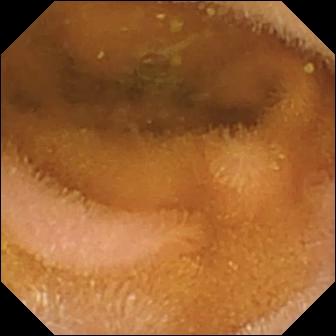Q: What does this capsule endoscopy image show?
A: Normal clean mucosa.